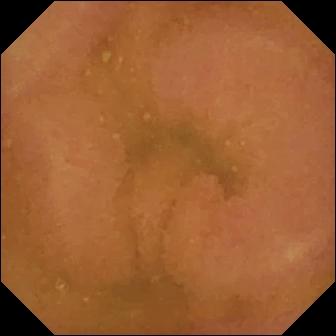- modality: WCE
- segment: small bowel
- finding: normal clean mucosa